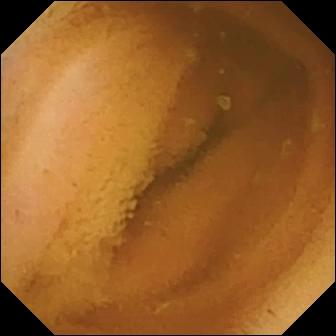This video capsule endoscopy view of the small bowel shows normal clean mucosa.